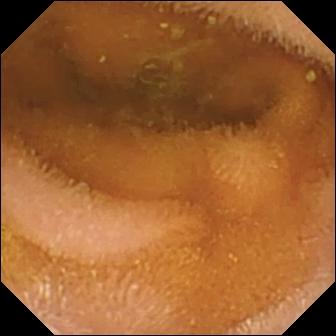Q: What does this small-bowel capsule endoscopy snapshot show?
A: Normal clean mucosa.